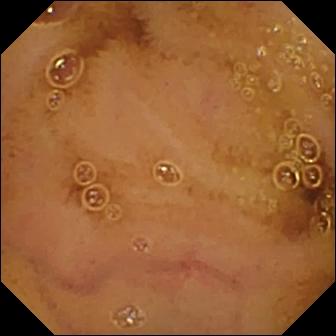PROCEDURE: Capsule endoscopy.
FINDINGS: Normal clean mucosa.